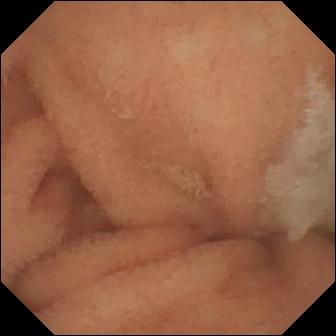Video capsule endoscopy snapshot, small intestine
Impression: normal clean mucosa